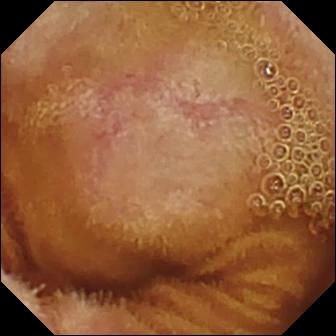- modality: video capsule endoscopy
- segment: small bowel
- observation: normal clean mucosa